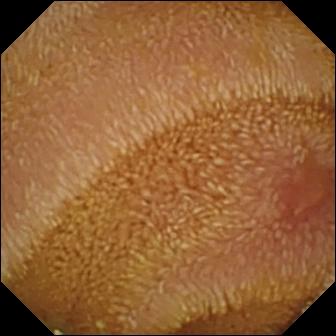Capsule endoscopy view
Finding: erosion